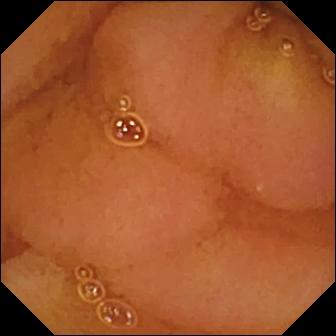Small-bowel capsule endoscopy. Small bowel. Observation: normal clean mucosa.